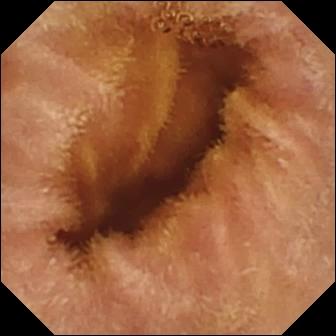{"modality": "capsule endoscopy", "segment": "small bowel", "finding": "normal clean mucosa"}